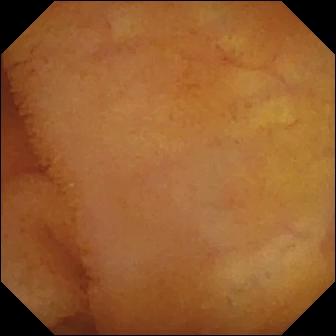Wireless capsule endoscopy frame (small bowel). Normal clean mucosa.